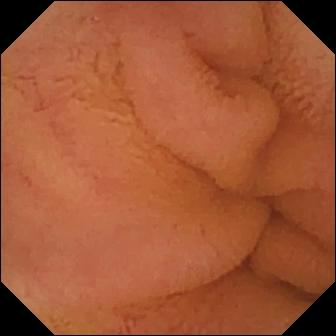- modality: VCE
- segment: small intestine
- category: luminal finding
- label: normal clean mucosa